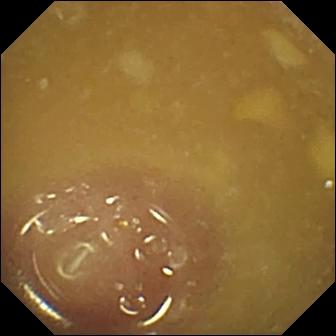modality: capsule endoscopy
video segment: ileo-cecal valve region